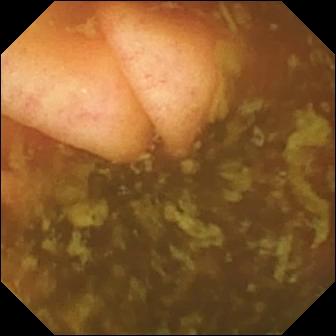Capsule endoscopy — ileo-cecal valve region (the transition from the small bowel to the large bowel).